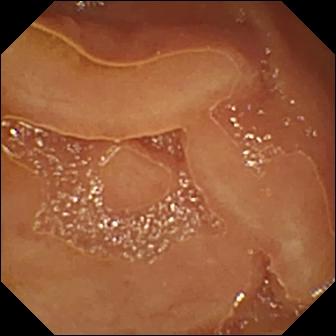WCE. Small bowel. Impression: normal clean mucosa.